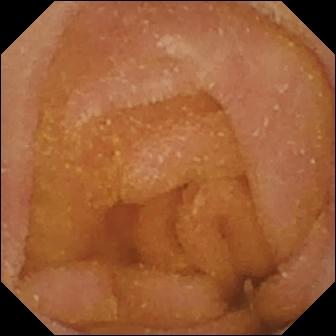PROCEDURE: Video capsule endoscopy.
SEGMENT: Small intestine.
FINDINGS: Normal clean mucosa.